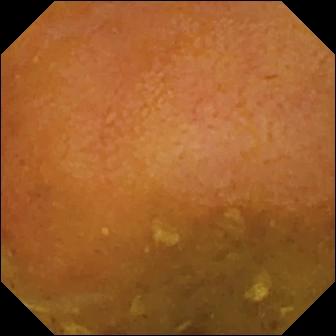PROCEDURE: Capsule endoscopy.
FINDINGS: Reduced mucosal view (content or bubbles obscuring the mucosa).